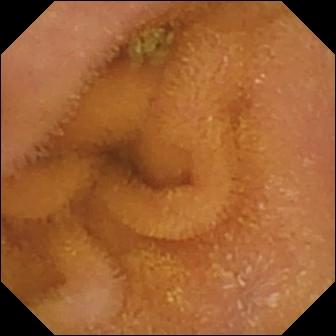Normal clean mucosa.